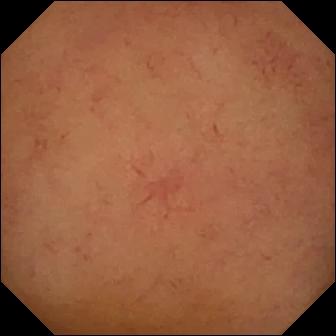{"modality": "video capsule endoscopy", "segment": "small intestine", "category": "luminal finding", "finding": "normal clean mucosa"}